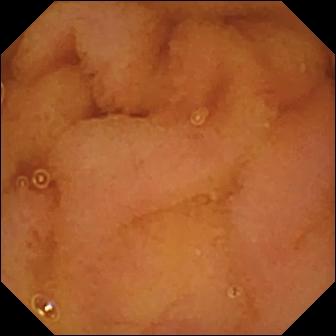{"modality": "video capsule endoscopy", "segment": "small intestine", "finding": "normal clean mucosa"}